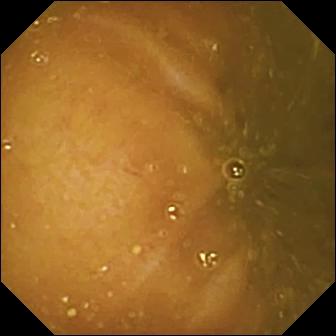VCE view of the small bowel showing reduced mucosal view (content or bubbles obscuring the mucosa).